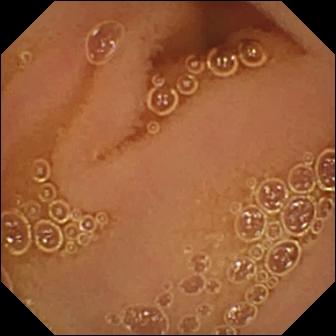Normal clean mucosa.